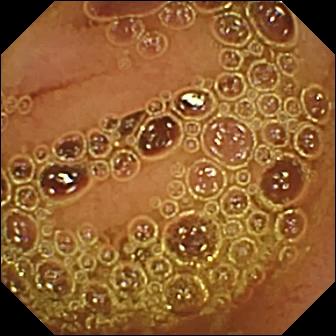This VCE still shows normal clean mucosa.